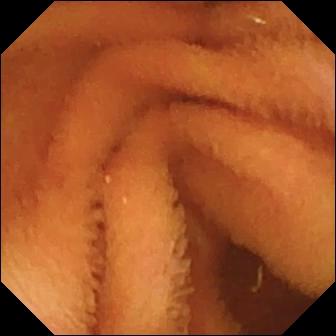{"modality": "video capsule endoscopy", "finding": "normal clean mucosa"}